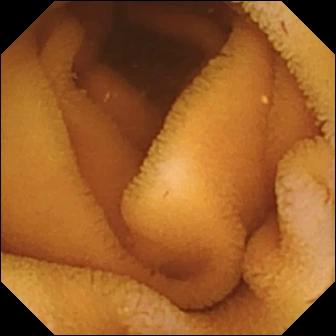Small-bowel capsule endoscopy still. Normal clean mucosa.